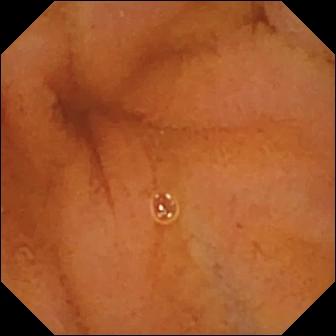- modality: WCE
- category: luminal finding
- label: normal clean mucosa